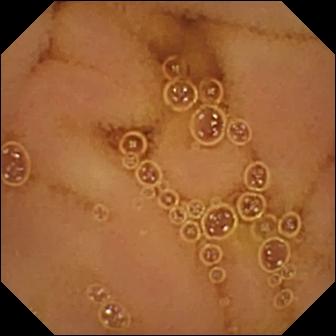modality: video capsule endoscopy | finding: normal clean mucosa